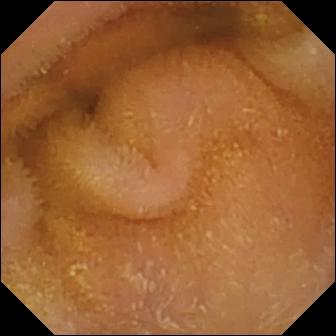Normal clean mucosa — small-bowel capsule endoscopy image.